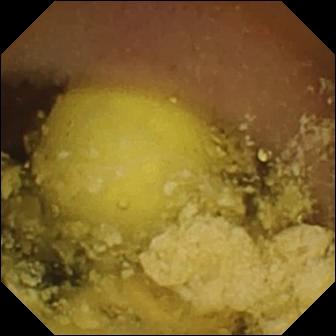Small-bowel capsule endoscopy. Finding: foreign body (e.g. retained capsule, tablet residue).